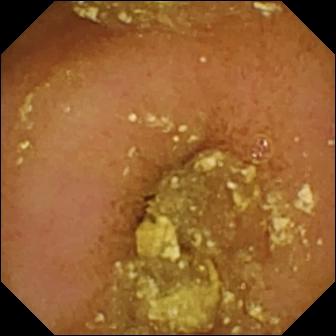VCE view
Finding: normal clean mucosa